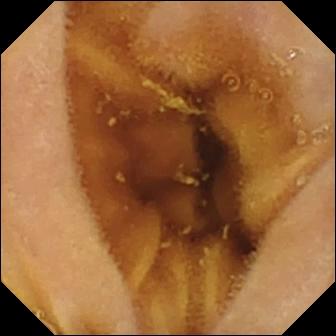Video capsule endoscopy snapshot (small intestine), 336×336. Normal clean mucosa.